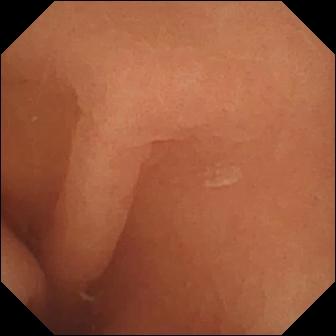Small-bowel capsule endoscopy — normal clean mucosa.